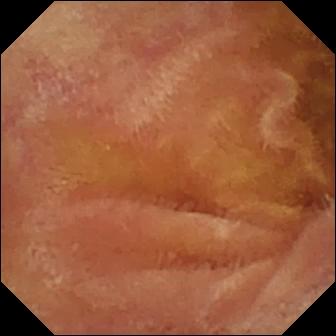Q: What does this wireless capsule endoscopy frame show?
A: Normal clean mucosa.